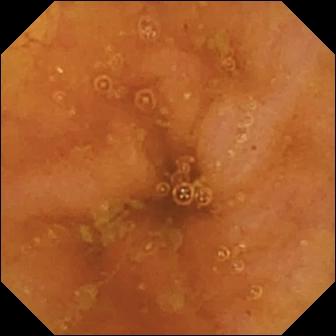Ileo-cecal valve region (where the capsule passes from the small bowel into the large bowel), 336×336.